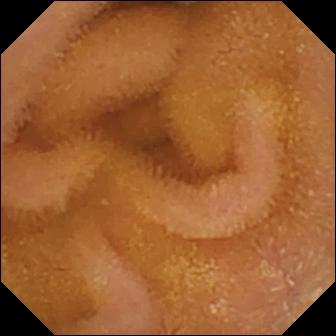Small-bowel capsule endoscopy frame showing normal clean mucosa.